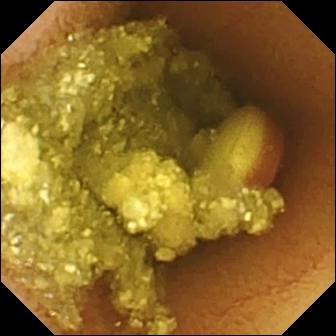{"modality": "wireless capsule endoscopy", "finding": "foreign body (e.g. retained capsule, tablet residue)"}